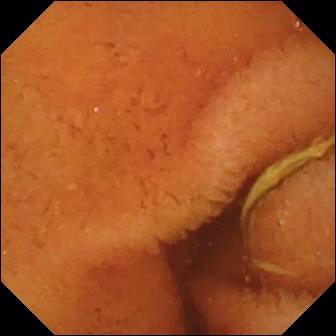modality: capsule endoscopy
finding: normal clean mucosa